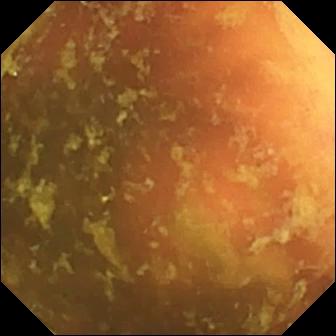Ileo-cecal valve region.